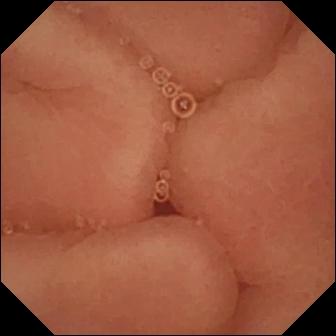Small-bowel capsule endoscopy snapshot
Label: pylorus region